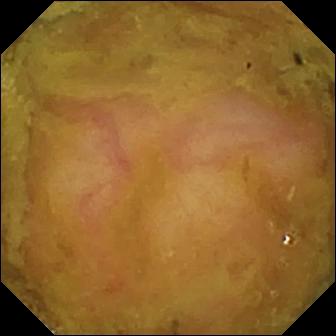Wireless capsule endoscopy — ileo-cecal valve region (where the capsule passes from the small bowel into the large bowel).